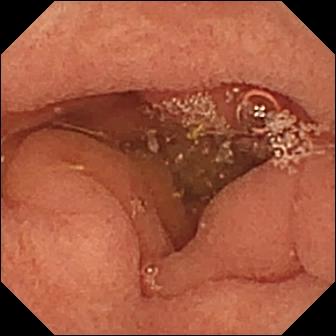Wireless capsule endoscopy snapshot, 336×336. Taken in the pylorus region.